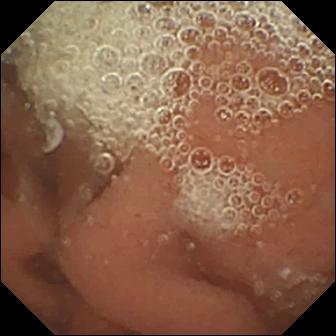Video capsule endoscopy image (small bowel). Normal clean mucosa.